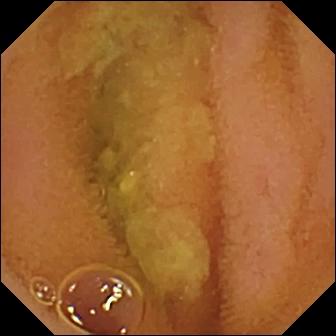This wireless capsule endoscopy snapshot shows normal clean mucosa.